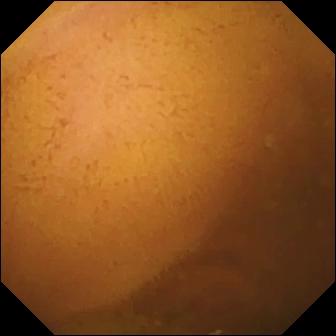Capsule endoscopy — normal clean mucosa.